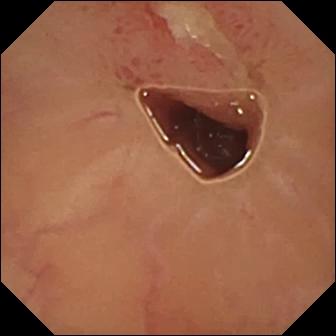Ulcer.